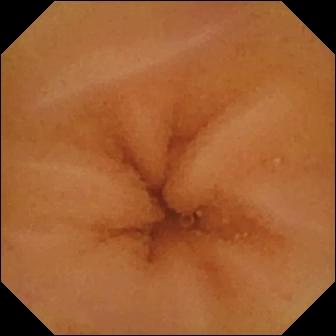Capsule endoscopy still, small intestine
Finding: normal clean mucosa